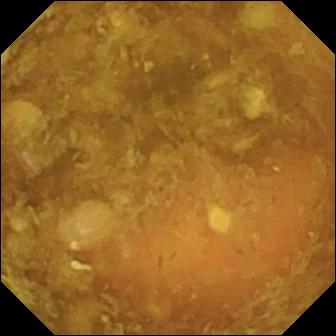Q: What does this VCE frame show?
A: Reduced mucosal view (content or bubbles obscuring the mucosa).